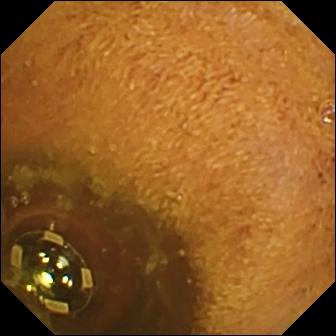Small-bowel capsule endoscopy — foreign body (e.g. retained capsule, tablet residue).